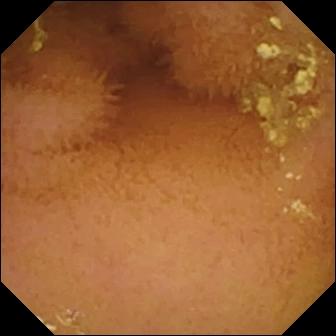Wireless capsule endoscopy snapshot (small intestine). Normal clean mucosa.